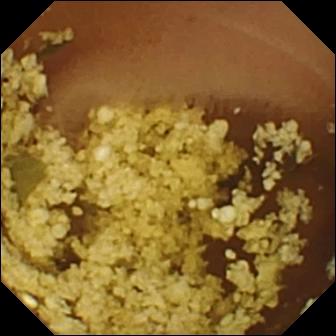WCE still
Label: normal clean mucosa